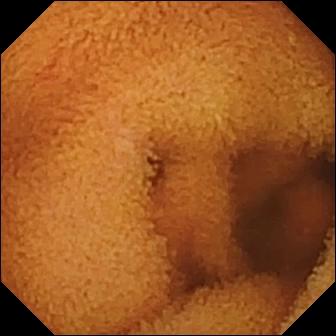Normal clean mucosa — wireless capsule endoscopy image.